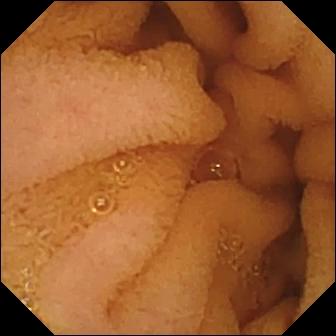{"modality": "capsule endoscopy", "segment": "small intestine", "finding": "normal clean mucosa"}